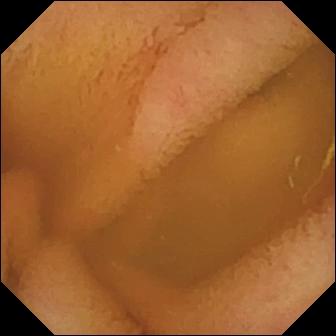PROCEDURE: Wireless capsule endoscopy.
FINDINGS: Normal clean mucosa.